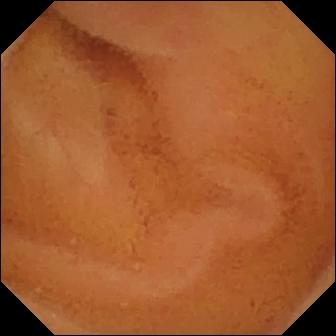Wireless capsule endoscopy frame, small bowel
Finding: normal clean mucosa